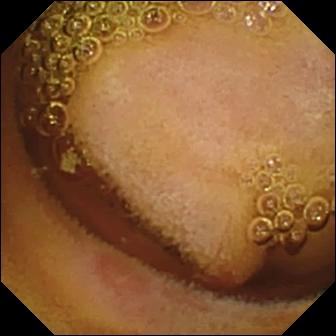This small-bowel capsule endoscopy image shows erosion.